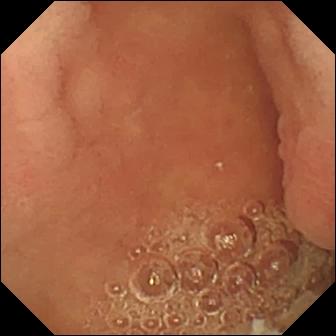modality: small-bowel capsule endoscopy; label: pylorus region